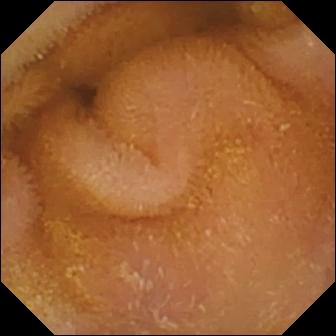Capsule endoscopy view. Normal clean mucosa.